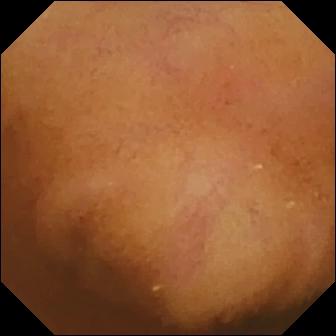Video capsule endoscopy — normal clean mucosa.